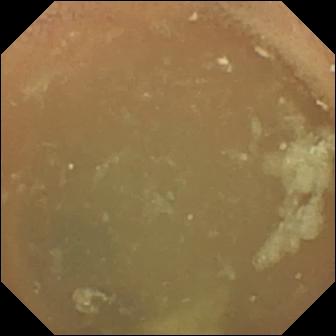WCE snapshot. Normal clean mucosa.